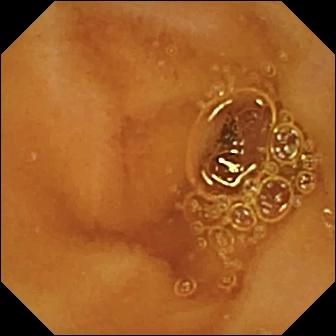Normal clean mucosa.